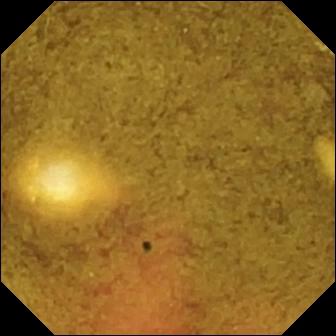WCE image taken in the ileo-cecal valve region (the transition from the small bowel to the large bowel).